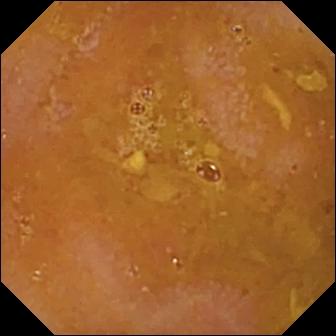Reduced mucosal view (content or bubbles obscuring the mucosa) — capsule endoscopy frame.